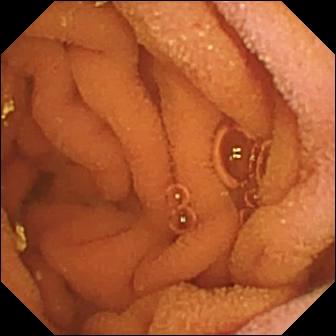VCE image showing normal clean mucosa.